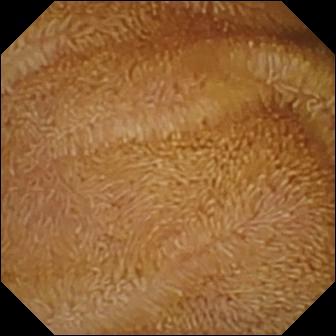Wireless capsule endoscopy still (small intestine). Normal clean mucosa.